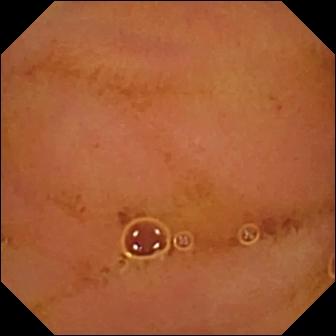PROCEDURE: VCE.
FINDINGS: Normal clean mucosa.